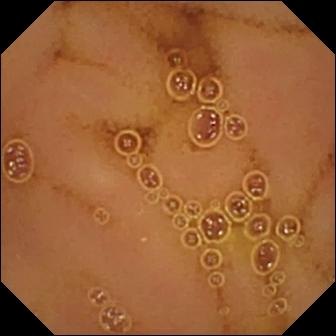WCE. Finding: normal clean mucosa.